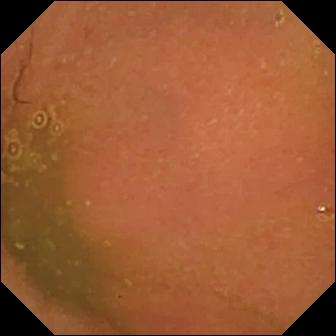VCE — normal clean mucosa.